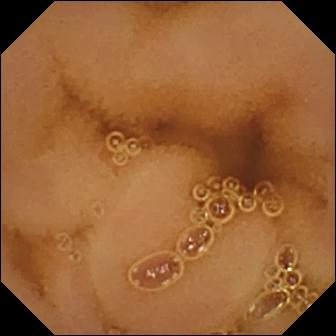Small-bowel capsule endoscopy image, small intestine
Observation: normal clean mucosa